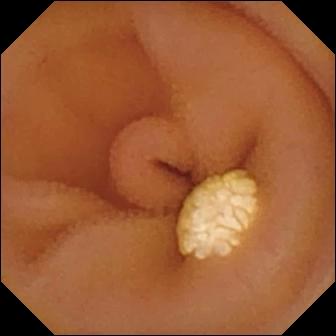WCE still showing lymphangiectasia.